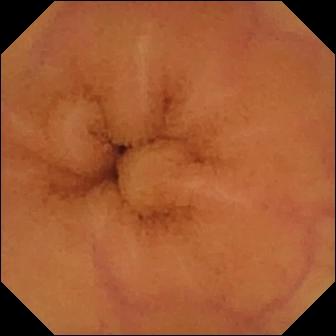Normal clean mucosa — video capsule endoscopy still.